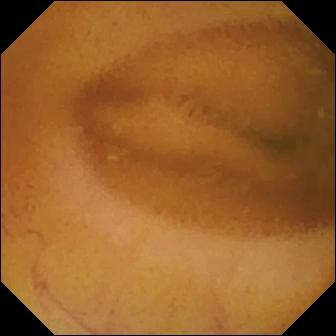Small-bowel capsule endoscopy — normal clean mucosa.